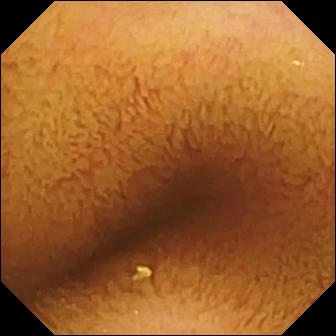This video capsule endoscopy frame shows normal clean mucosa.